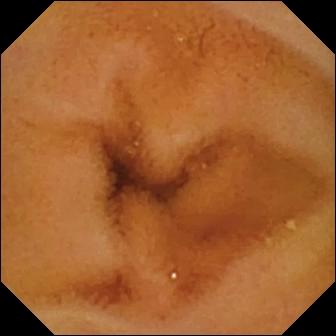Wireless capsule endoscopy view showing normal clean mucosa.